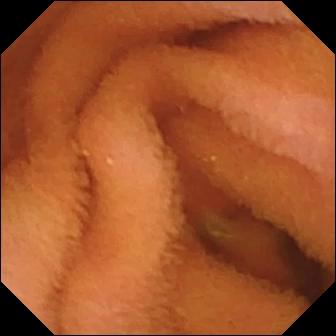Small-bowel capsule endoscopy snapshot showing normal clean mucosa.